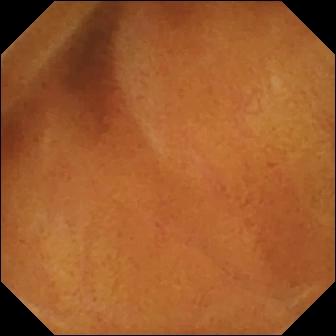Wireless capsule endoscopy still (small bowel). Normal clean mucosa.